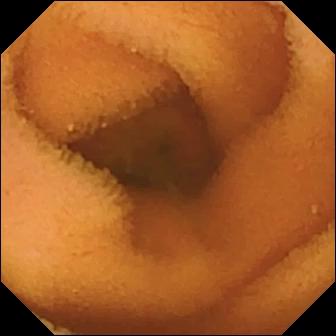This small-bowel capsule endoscopy frame shows normal clean mucosa.